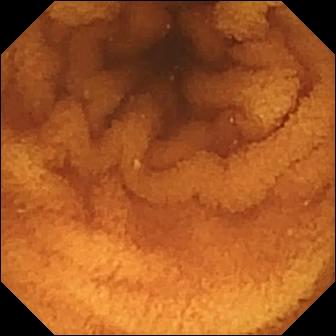Q: What does this VCE snapshot of the small intestine show?
A: Normal clean mucosa.